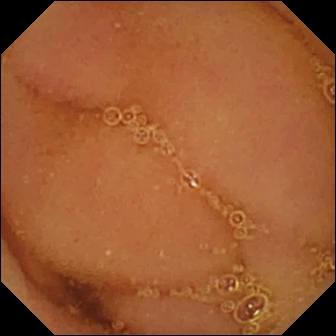Normal clean mucosa.